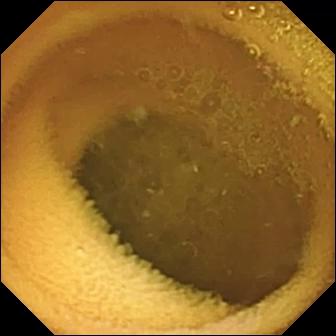VCE. Label: normal clean mucosa.